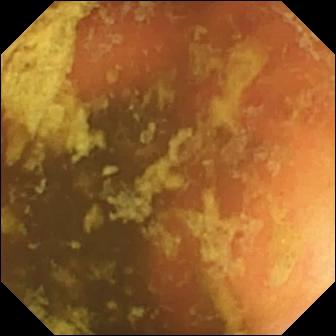This capsule endoscopy frame was taken in the ileo-cecal valve region.